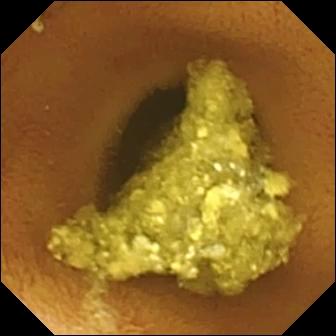modality: VCE; segment: small bowel; impression: normal clean mucosa